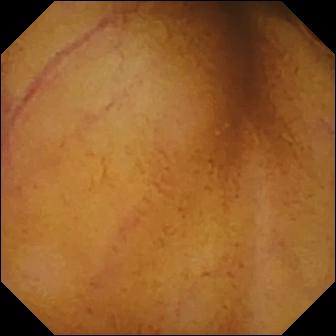{"modality": "small-bowel capsule endoscopy", "category": "luminal finding", "finding": "normal clean mucosa"}